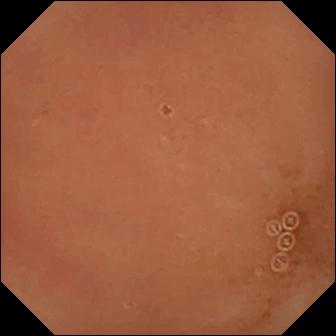Normal clean mucosa.